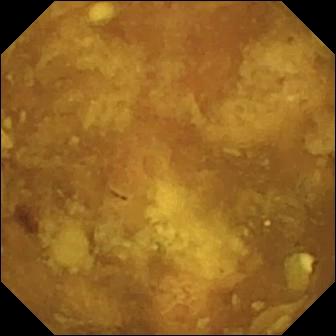Reduced mucosal view (content or bubbles obscuring the mucosa) (336×336).